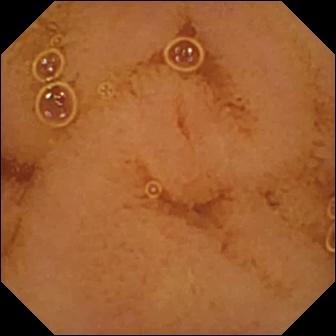Small-bowel capsule endoscopy frame, small intestine
Finding: normal clean mucosa